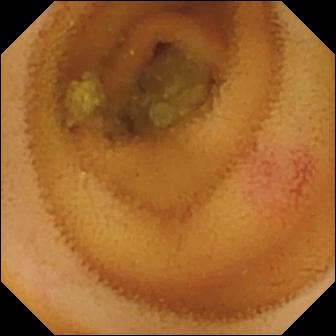modality: WCE; category: luminal finding; finding: angiectasia